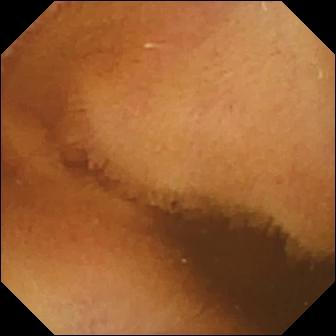Video capsule endoscopy view (small intestine). Normal clean mucosa.